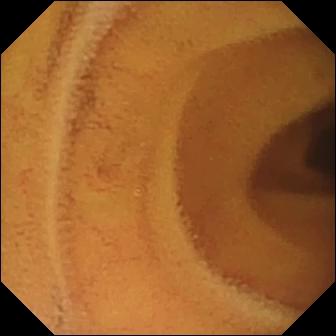PROCEDURE: Small-bowel capsule endoscopy.
FINDINGS: Normal clean mucosa.